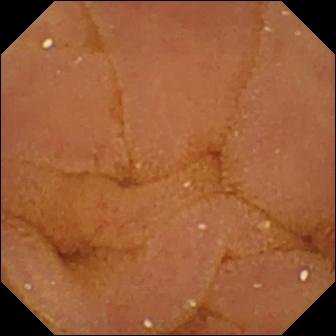{"modality": "capsule endoscopy", "segment": "small intestine", "finding": "normal clean mucosa"}